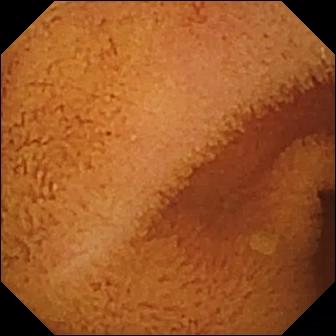{"modality": "WCE", "segment": "small bowel", "finding": "normal clean mucosa"}